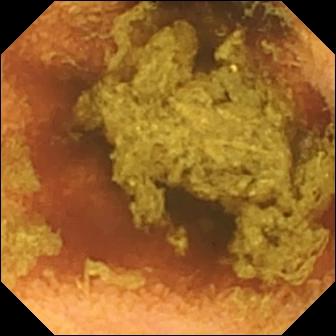This VCE still shows normal clean mucosa.